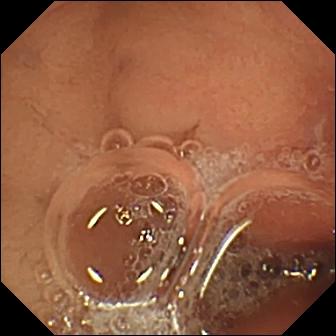VCE view showing erosion.